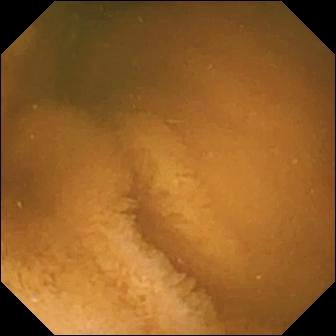Wireless capsule endoscopy image (small intestine). Normal clean mucosa.